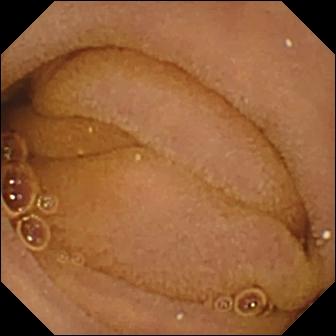PROCEDURE: Small-bowel capsule endoscopy.
SEGMENT: Small bowel.
FINDINGS: Normal clean mucosa.